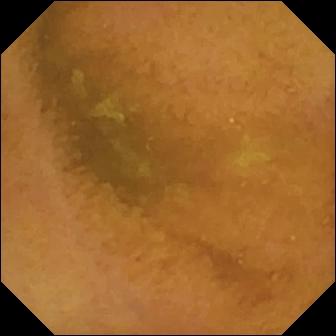- modality: wireless capsule endoscopy
- segment: small intestine
- category: luminal finding
- label: normal clean mucosa